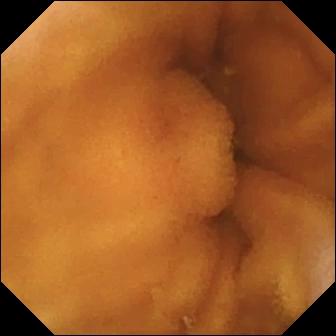Normal clean mucosa — wireless capsule endoscopy still.